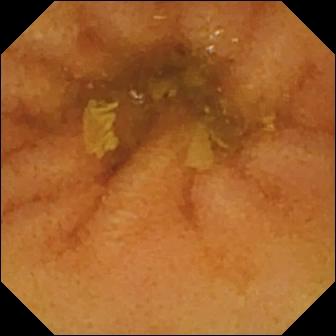PROCEDURE: Capsule endoscopy.
FINDINGS: Normal clean mucosa.